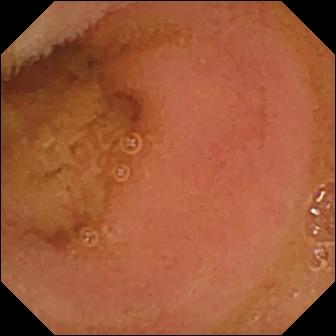WCE frame. Normal clean mucosa.